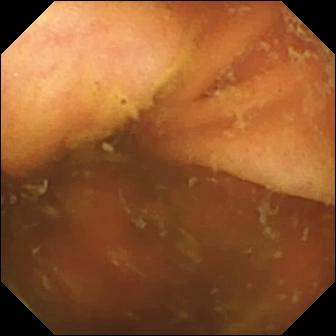PROCEDURE: Capsule endoscopy.
VIDEO SEGMENT: Ileo-cecal valve region (where the capsule passes from the small bowel into the large bowel).